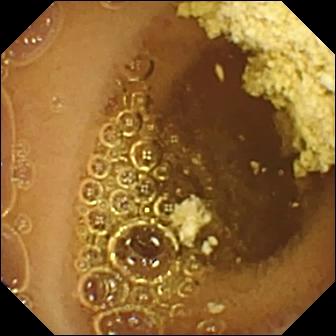Normal clean mucosa — WCE snapshot of the small intestine.